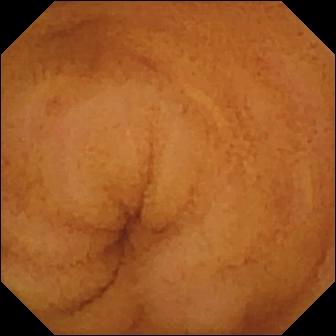Q: What does this video capsule endoscopy still of the small intestine show?
A: Normal clean mucosa.